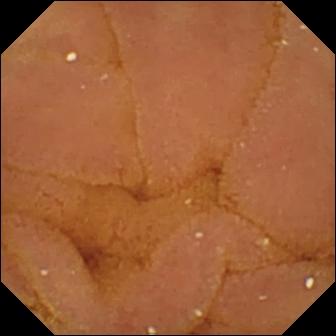Small-bowel capsule endoscopy image of the small bowel showing normal clean mucosa.